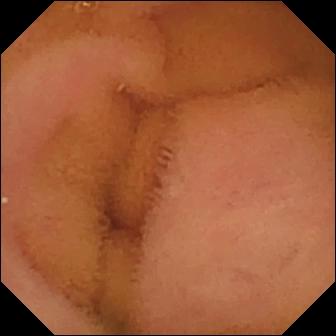This capsule endoscopy view shows normal clean mucosa.